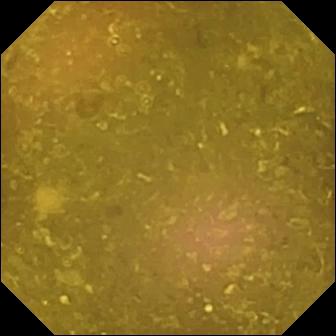Video capsule endoscopy snapshot, small intestine
Finding: reduced mucosal view (content or bubbles obscuring the mucosa)